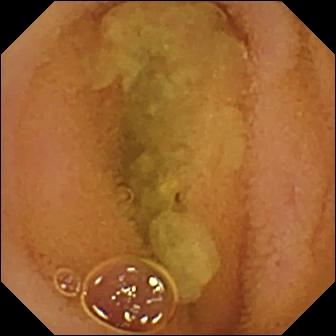modality: VCE | impression: normal clean mucosa